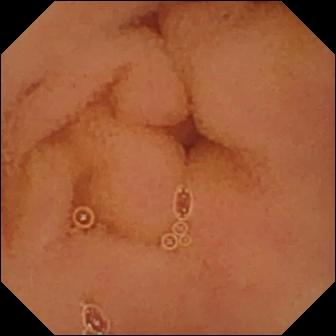Capsule endoscopy — normal clean mucosa.